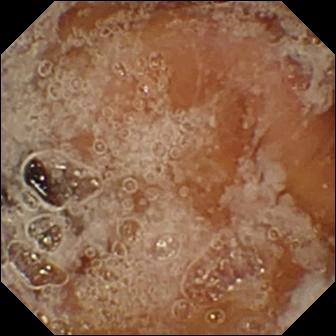VCE. Video segment: pylorus region (where the capsule passes from the stomach into the small bowel).